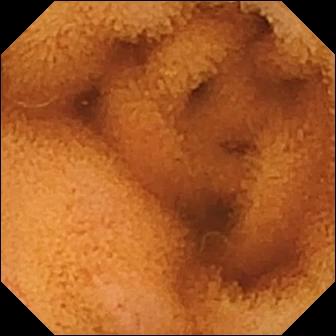Wireless capsule endoscopy — normal clean mucosa.